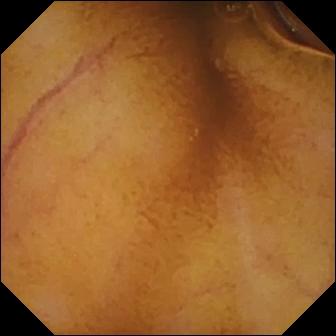Wireless capsule endoscopy view (small intestine). Normal clean mucosa.